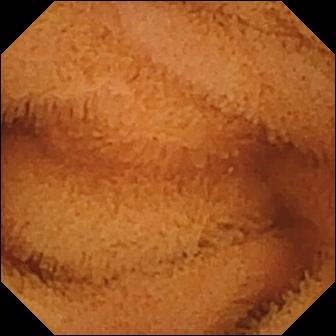This capsule endoscopy frame shows normal clean mucosa.